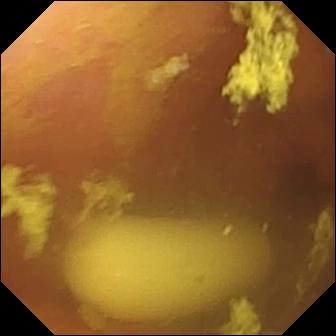Q: What does this wireless capsule endoscopy frame show?
A: Foreign body (e.g. retained capsule, tablet residue).